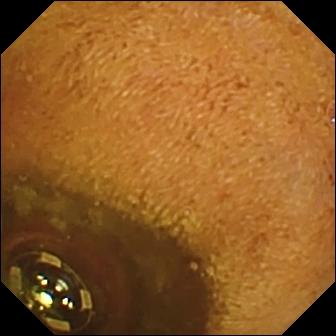Foreign body (e.g. retained capsule, tablet residue) — small-bowel capsule endoscopy still.